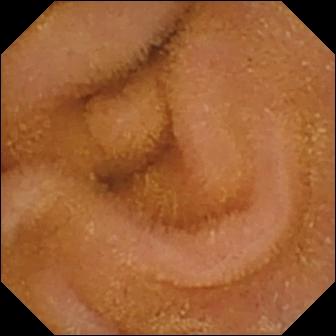Small-bowel capsule endoscopy. Finding: normal clean mucosa.